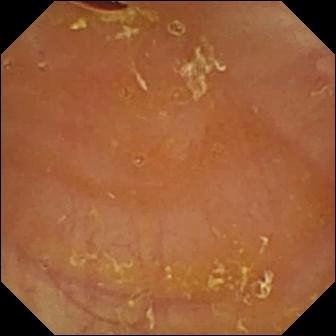This small-bowel capsule endoscopy view of the small intestine shows reduced mucosal view (content or bubbles obscuring the mucosa).